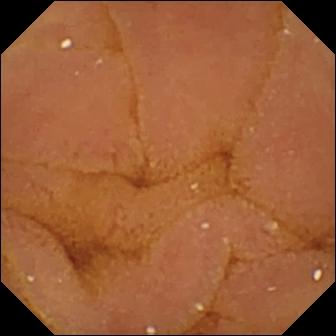VCE — normal clean mucosa.